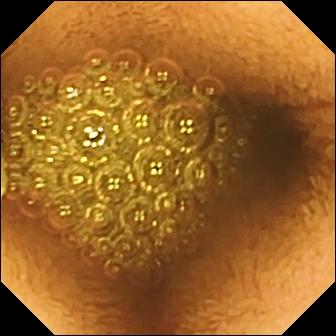Reduced mucosal view (content or bubbles obscuring the mucosa).